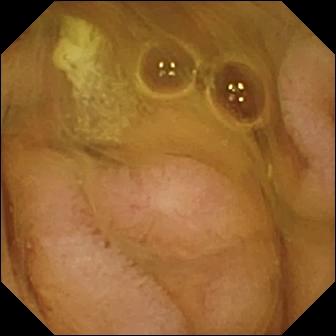{"modality": "small-bowel capsule endoscopy", "finding": "normal clean mucosa"}